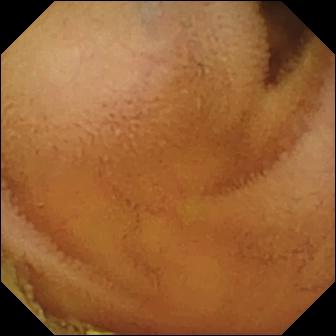This wireless capsule endoscopy snapshot shows normal clean mucosa.